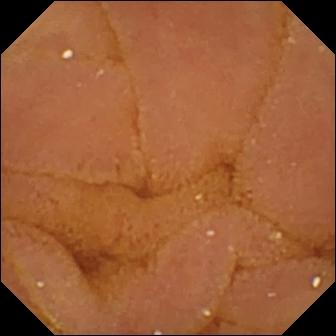Normal clean mucosa (336×336).